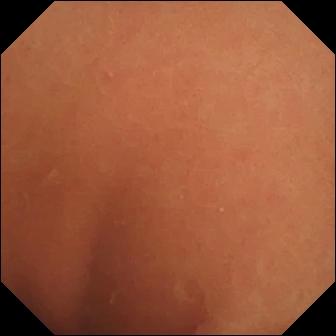This VCE still shows normal clean mucosa.